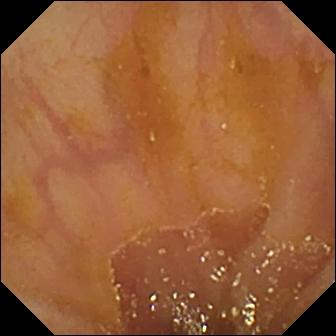{"modality": "VCE", "position": "ileo-cecal valve region (the transition from the small bowel to the large bowel)"}